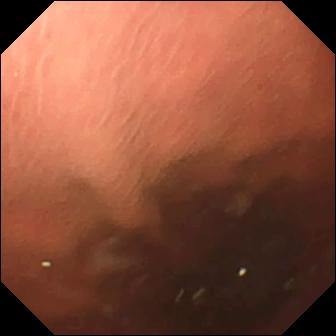Pylorus region (where the capsule passes from the stomach into the small bowel) — WCE still.